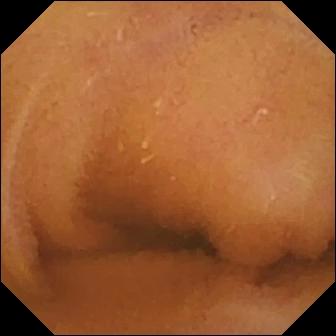Wireless capsule endoscopy frame
Observation: normal clean mucosa